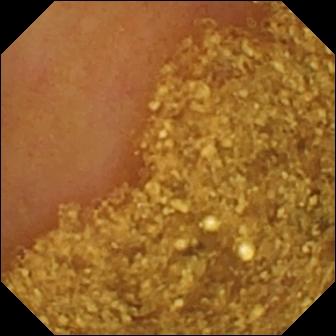Capsule endoscopy — ileo-cecal valve region (where the capsule passes from the small bowel into the large bowel).